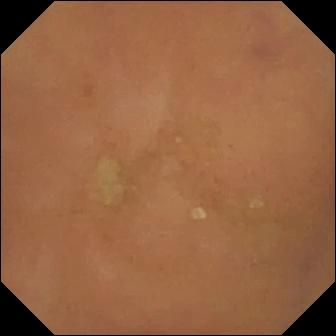Capsule endoscopy — normal clean mucosa.